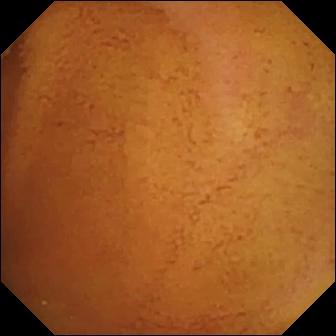Video capsule endoscopy — normal clean mucosa.